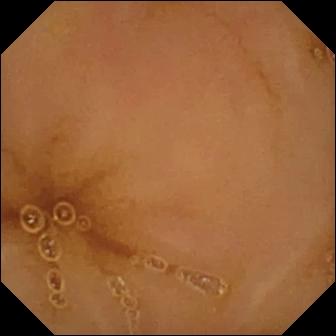Capsule endoscopy snapshot of the small bowel showing normal clean mucosa.